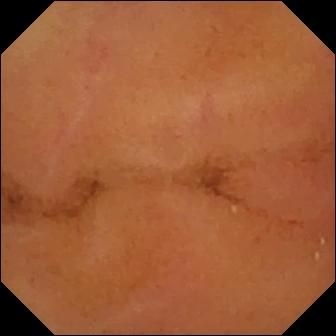Video capsule endoscopy view showing normal clean mucosa.